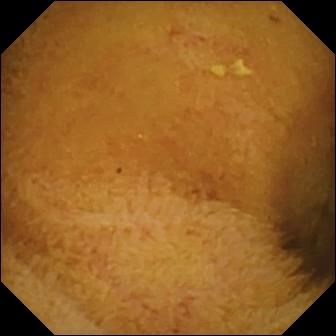Normal clean mucosa.